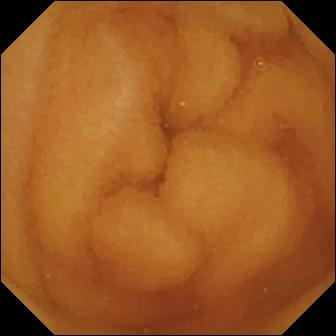Video capsule endoscopy — normal clean mucosa.